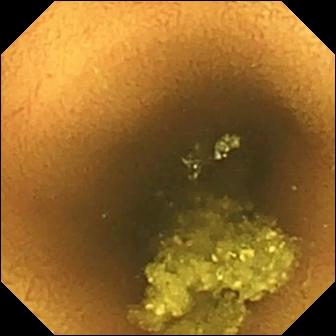VCE. Finding: normal clean mucosa.